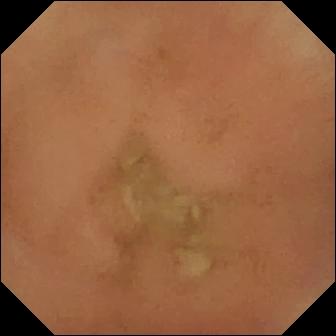- modality: wireless capsule endoscopy
- category: luminal finding
- impression: normal clean mucosa